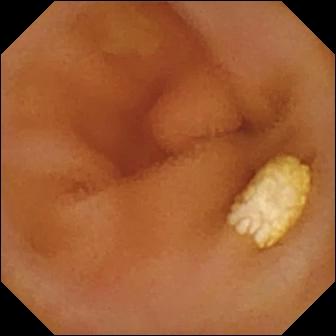Small-bowel capsule endoscopy image. Lymphangiectasia.